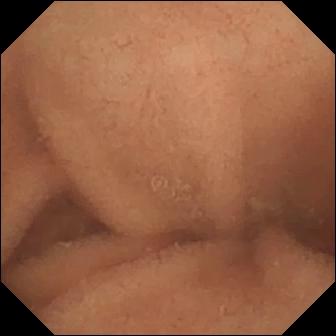{"modality": "small-bowel capsule endoscopy", "finding": "normal clean mucosa"}